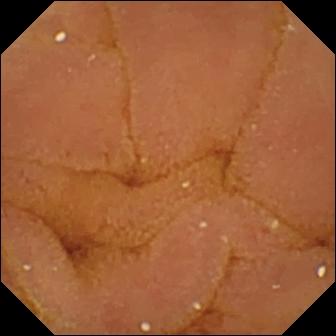Capsule endoscopy snapshot (small bowel). Normal clean mucosa.